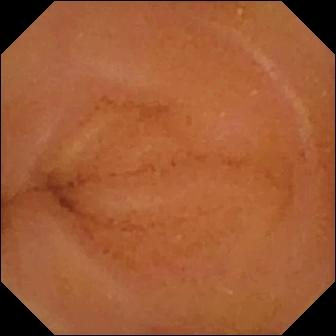PROCEDURE: Video capsule endoscopy.
FINDINGS: Normal clean mucosa.